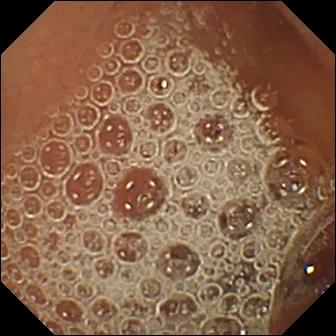Video capsule endoscopy view, 336×336. Normal clean mucosa.